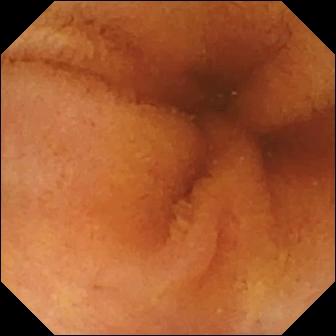Normal clean mucosa — WCE frame of the small intestine.